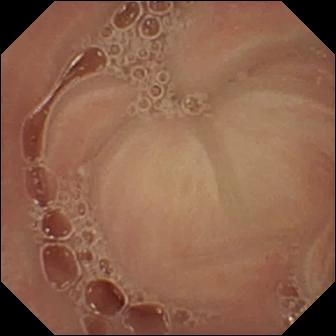Small-bowel capsule endoscopy frame. Taken in the pylorus region (where the capsule passes from the stomach into the small bowel).